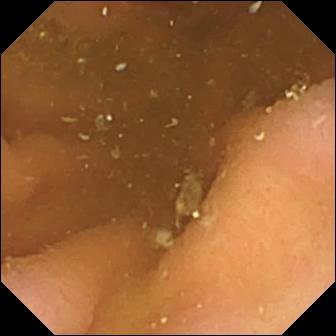VCE — pylorus region (the junction between the stomach and the small bowel).